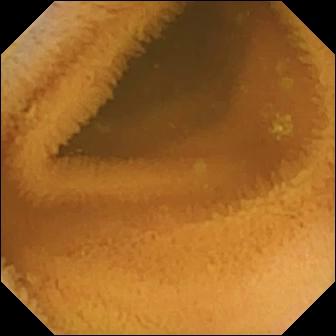Small-bowel capsule endoscopy frame, small bowel
Impression: normal clean mucosa